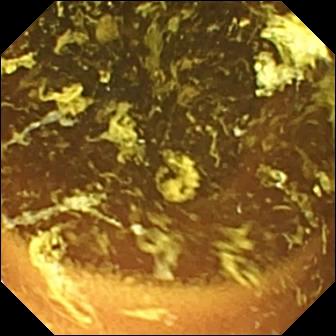{"modality": "small-bowel capsule endoscopy", "segment": "small bowel", "finding": "normal clean mucosa"}